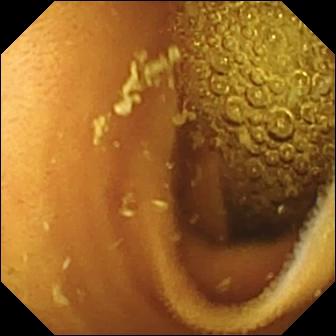modality: capsule endoscopy | segment: small bowel | category: luminal finding | impression: normal clean mucosa